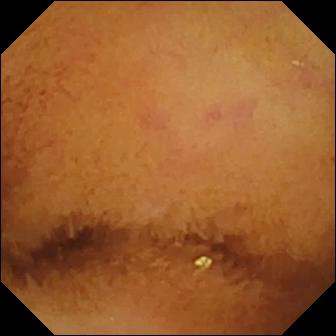Q: What does this video capsule endoscopy image of the small intestine show?
A: Normal clean mucosa.